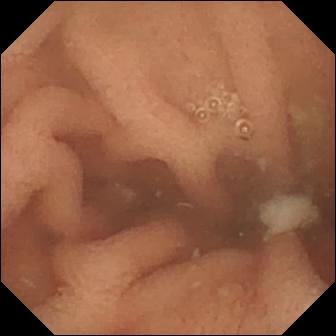Normal clean mucosa.